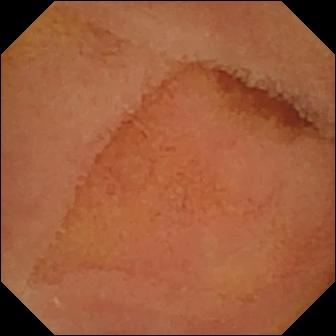WCE frame, small intestine
Observation: normal clean mucosa